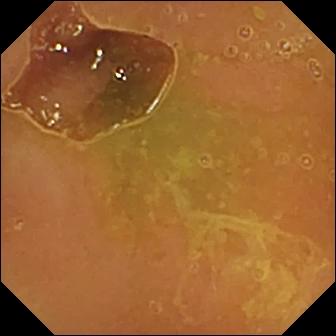Small-bowel capsule endoscopy. Small bowel. Label: normal clean mucosa.